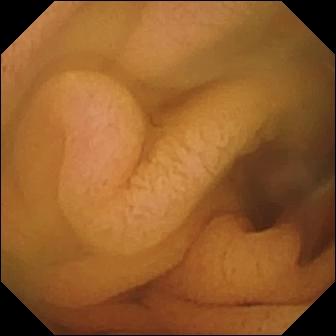PROCEDURE: Video capsule endoscopy.
SEGMENT: Small intestine.
FINDINGS: Normal clean mucosa.